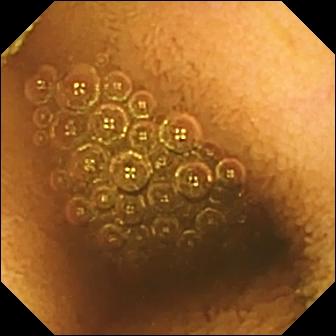WCE snapshot (small intestine). Reduced mucosal view (content or bubbles obscuring the mucosa).